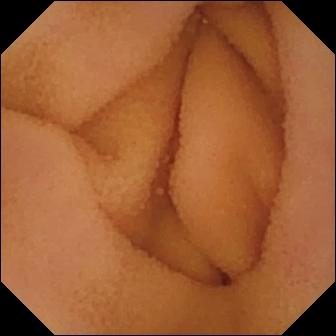Wireless capsule endoscopy — normal clean mucosa.